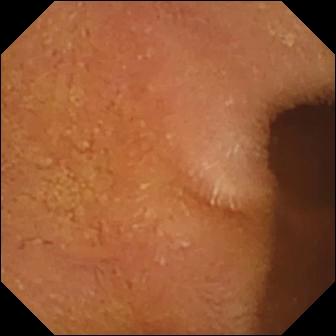Capsule endoscopy. Label: normal clean mucosa.